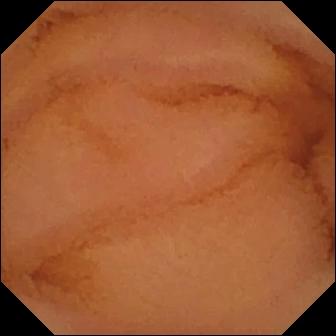This small-bowel capsule endoscopy snapshot shows normal clean mucosa.